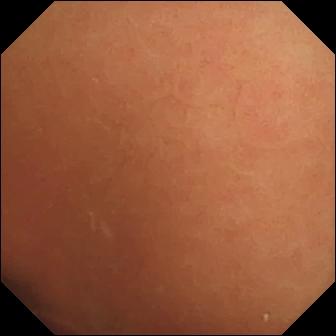Small-bowel capsule endoscopy still
Label: normal clean mucosa